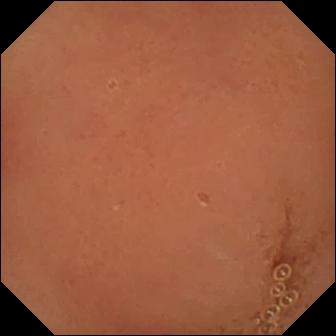VCE. Luminal finding. Observation: normal clean mucosa.